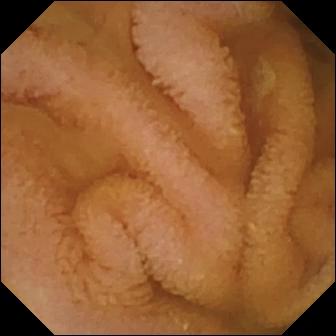- modality: WCE
- segment: small bowel
- observation: normal clean mucosa